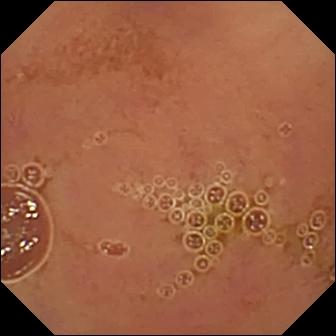Video capsule endoscopy. Finding: normal clean mucosa.